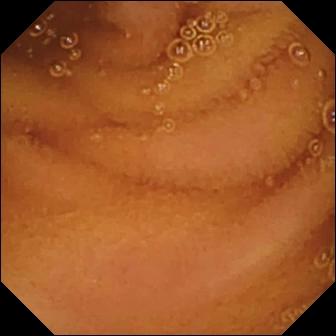Capsule endoscopy snapshot
Impression: normal clean mucosa